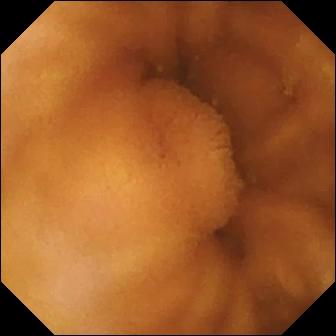WCE snapshot, 336×336. Normal clean mucosa.